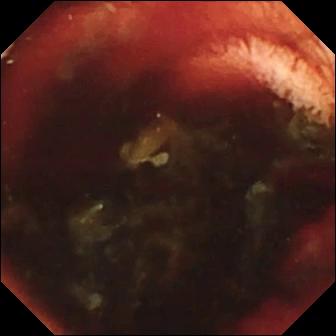Video capsule endoscopy view
Finding: fresh blood in the lumen